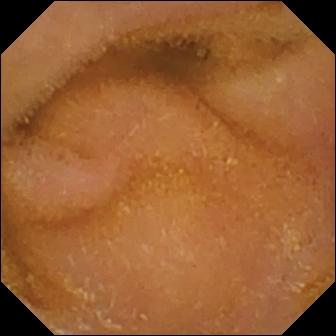Normal clean mucosa — VCE snapshot of the small intestine.